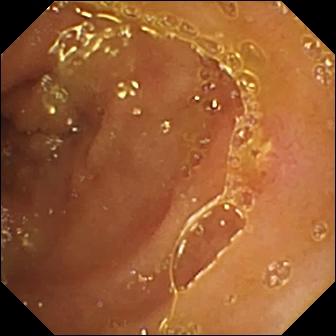Capsule endoscopy frame showing ulcer.